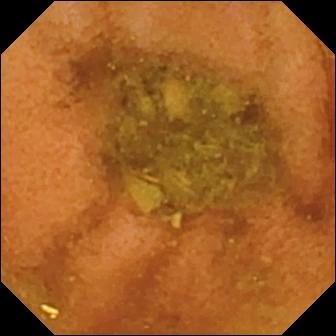Normal clean mucosa (336×336).